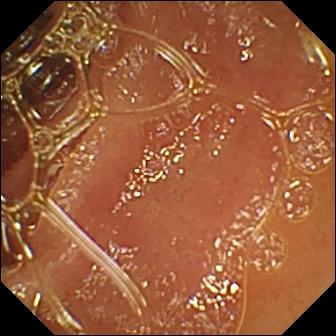{"modality": "wireless capsule endoscopy", "finding": "normal clean mucosa"}